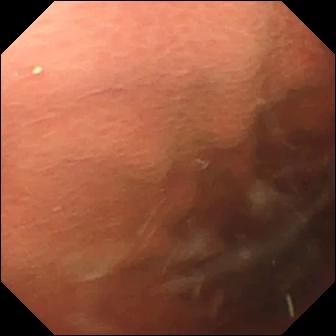Small-bowel capsule endoscopy snapshot. Taken in the pylorus region (the junction between the stomach and the small bowel).